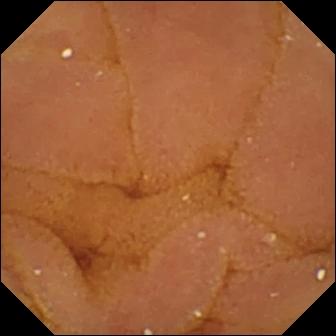modality: wireless capsule endoscopy; segment: small bowel; category: luminal finding; finding: normal clean mucosa